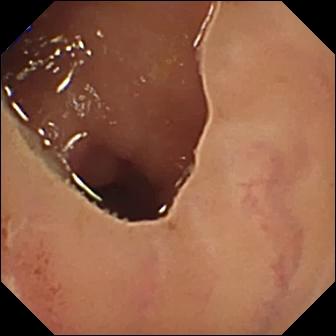VCE — ulcer.